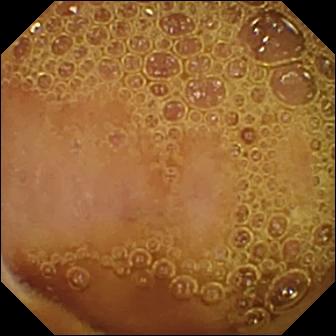Video capsule endoscopy frame, small intestine
Impression: normal clean mucosa